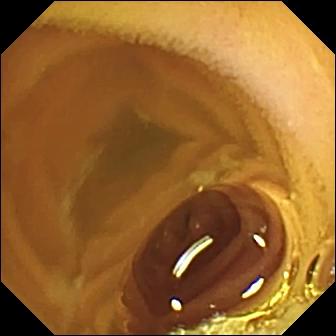Q: What does this VCE frame show?
A: Normal clean mucosa.